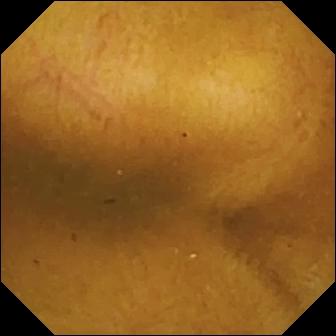Small-bowel capsule endoscopy. Impression: normal clean mucosa.